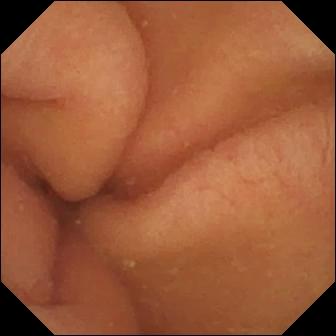{"modality": "VCE", "category": "anatomical landmark", "label": "pylorus region (where the capsule passes from the stomach into the small bowel)"}